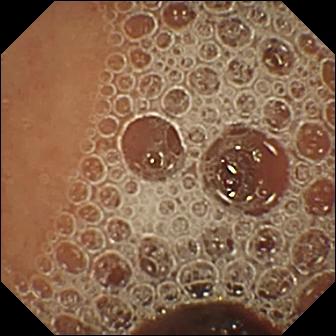VCE. Finding: normal clean mucosa.